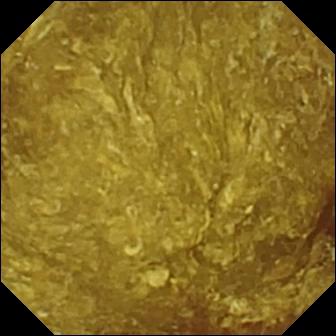{"modality": "small-bowel capsule endoscopy", "segment": "small intestine", "finding": "reduced mucosal view (content or bubbles obscuring the mucosa)"}